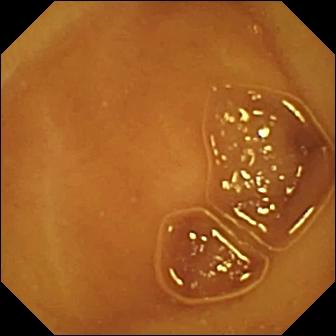Wireless capsule endoscopy. Observation: normal clean mucosa.